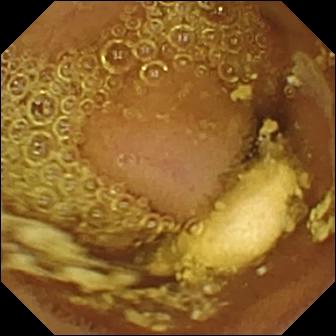PROCEDURE: Capsule endoscopy.
FINDINGS: Foreign body (e.g. retained capsule, tablet residue).